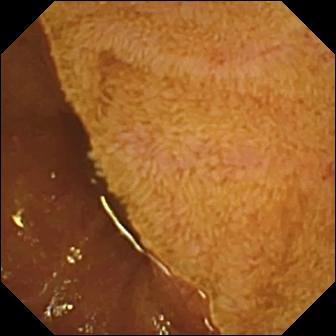Ileo-cecal valve region (where the capsule passes from the small bowel into the large bowel).